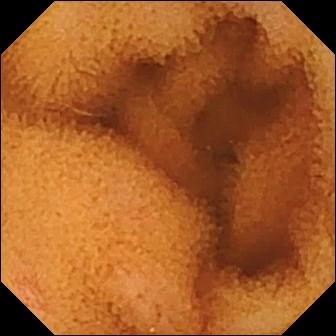Small-bowel capsule endoscopy view
Impression: normal clean mucosa